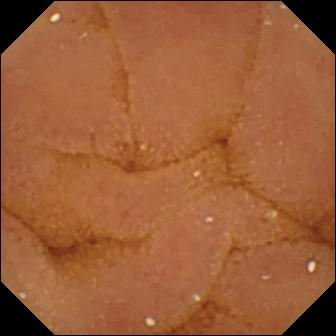Q: What does this small-bowel capsule endoscopy still of the small intestine show?
A: Normal clean mucosa.